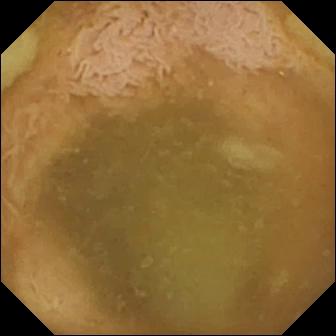Video capsule endoscopy view taken in the ileo-cecal valve region (the transition from the small bowel to the large bowel).